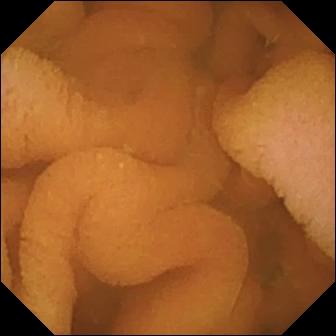Small-bowel capsule endoscopy view, small intestine
Impression: normal clean mucosa